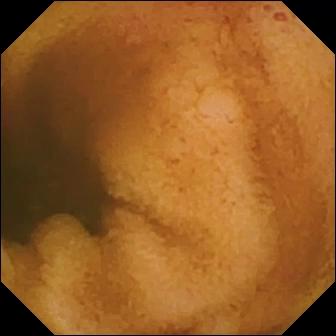WCE frame, 336×336. Erosion.